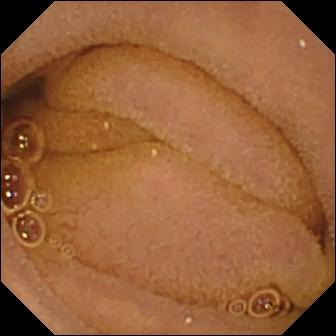This small-bowel capsule endoscopy snapshot of the small bowel shows normal clean mucosa.